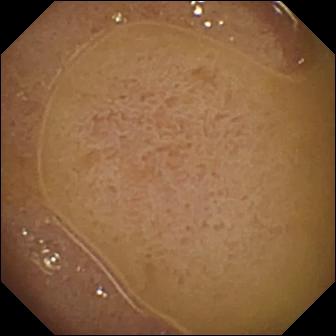This video capsule endoscopy snapshot was taken in the ileo-cecal valve region (the transition from the small bowel to the large bowel).